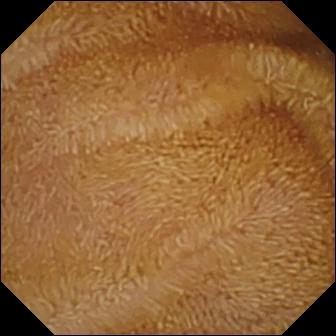Video capsule endoscopy — normal clean mucosa.